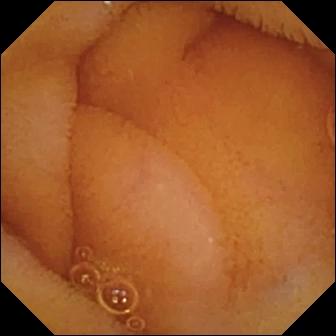Wireless capsule endoscopy — normal clean mucosa.